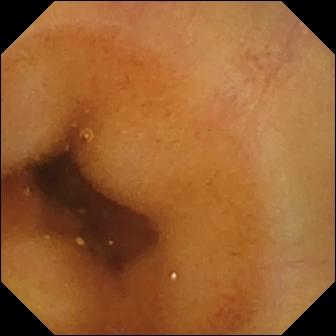WCE — normal clean mucosa.